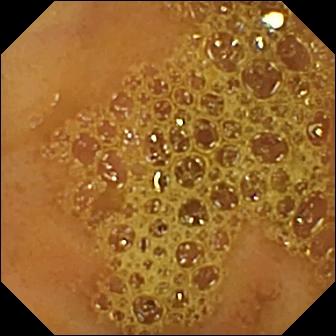This video capsule endoscopy frame was taken in the ileo-cecal valve region.